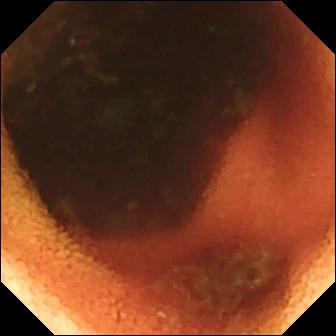PROCEDURE: Wireless capsule endoscopy.
LABEL: Ileo-cecal valve region (the transition from the small bowel to the large bowel).